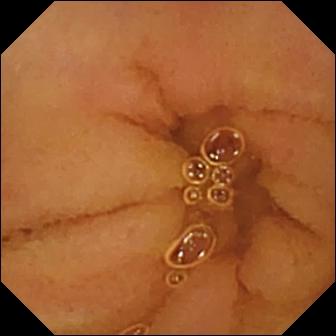Q: What does this capsule endoscopy still show?
A: Normal clean mucosa.